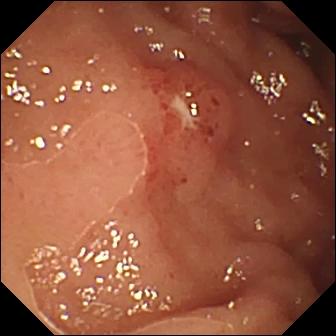Ulcer (336×336).